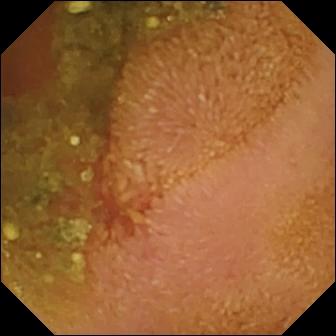Capsule endoscopy snapshot. Erosion.